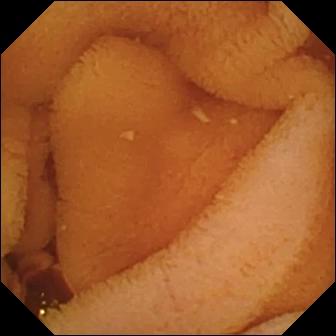VCE frame showing normal clean mucosa.